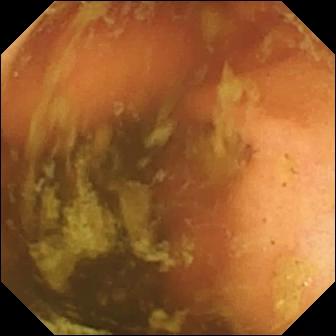PROCEDURE: Capsule endoscopy.
LABEL: Ileo-cecal valve region (where the capsule passes from the small bowel into the large bowel).